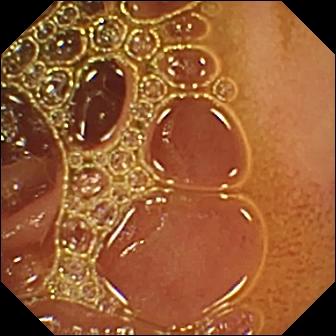Capsule endoscopy view
Observation: normal clean mucosa